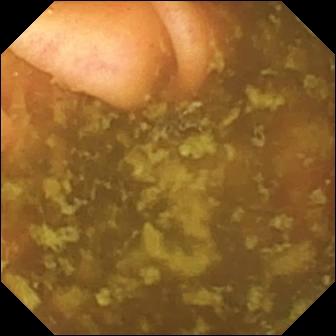Small-bowel capsule endoscopy. Near an anatomical landmark. Position: ileo-cecal valve region.